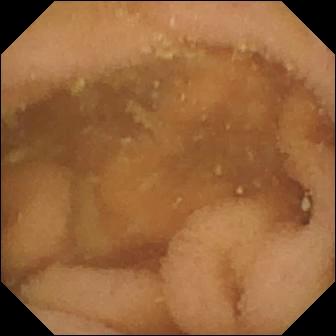Small-bowel capsule endoscopy still (small bowel). Normal clean mucosa.